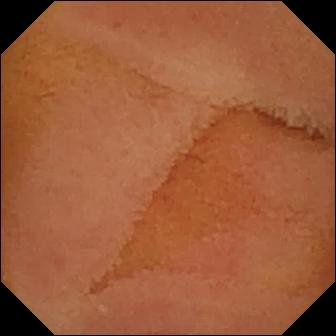PROCEDURE: Wireless capsule endoscopy.
FINDINGS: Normal clean mucosa.